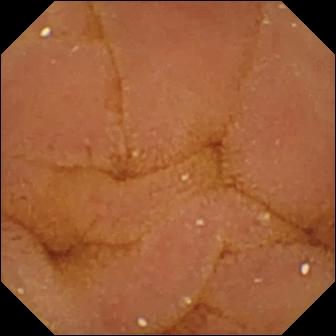Normal clean mucosa — VCE view.